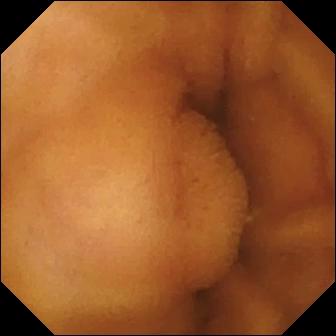- modality: wireless capsule endoscopy
- category: luminal finding
- observation: normal clean mucosa